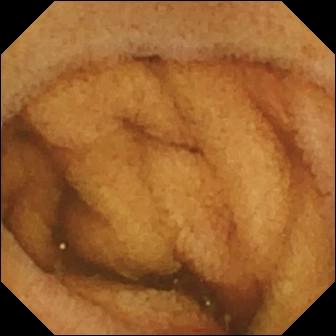Small-bowel capsule endoscopy view taken in the ileo-cecal valve region.